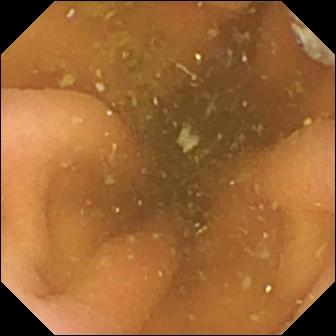VCE view. Taken in the pylorus region (the junction between the stomach and the small bowel).